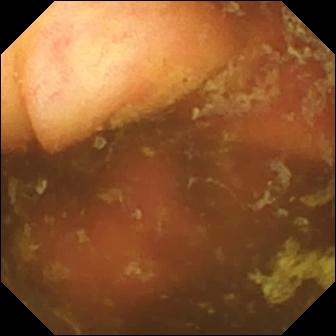- modality: wireless capsule endoscopy
- category: anatomical landmark
- location: ileo-cecal valve region (the transition from the small bowel to the large bowel)